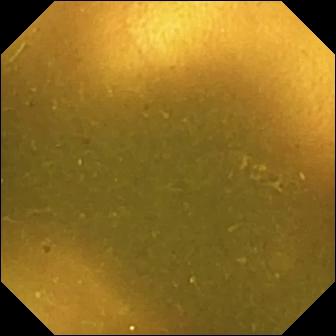Video capsule endoscopy. Location: ileo-cecal valve region.